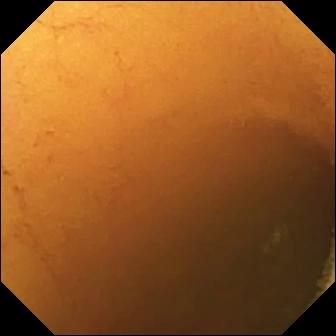{"modality": "wireless capsule endoscopy", "segment": "small bowel", "category": "luminal finding", "finding": "normal clean mucosa"}